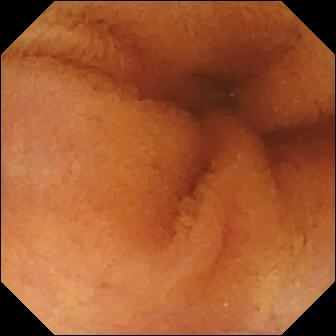Wireless capsule endoscopy. Label: normal clean mucosa.